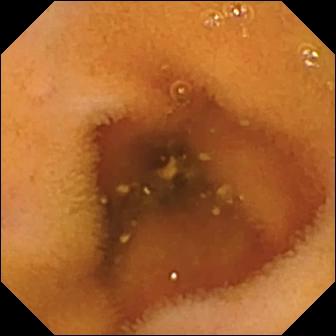Q: What does this wireless capsule endoscopy view of the small intestine show?
A: Normal clean mucosa.